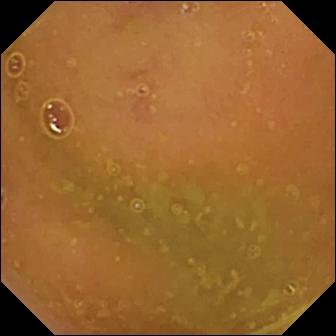Capsule endoscopy view, small intestine
Label: normal clean mucosa